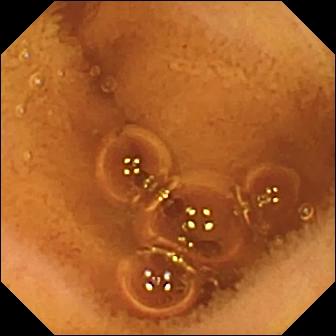WCE. Observation: normal clean mucosa.